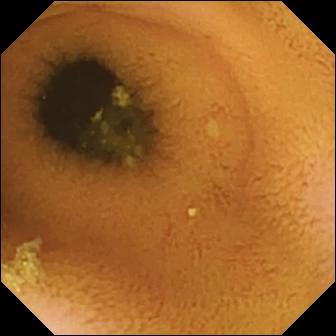Capsule endoscopy. Luminal finding. Observation: normal clean mucosa.